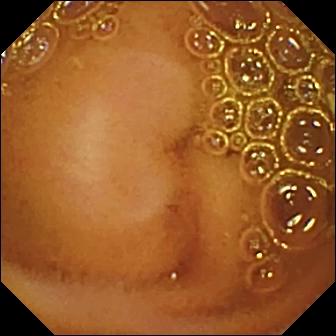Q: What does this wireless capsule endoscopy still of the small intestine show?
A: Normal clean mucosa.